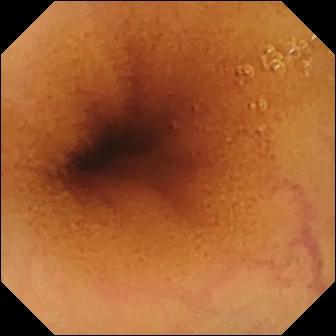modality: capsule endoscopy; category: luminal finding; observation: normal clean mucosa